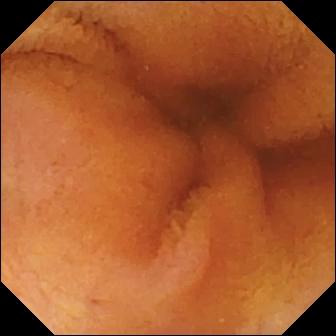This small-bowel capsule endoscopy snapshot shows normal clean mucosa.